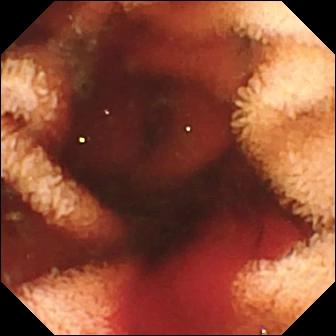Fresh blood in the lumen.